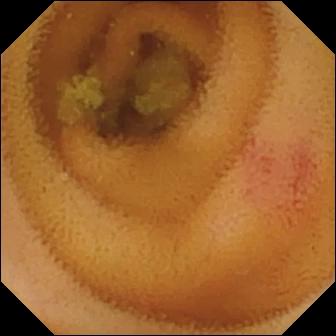PROCEDURE: Video capsule endoscopy.
FINDINGS: Angiectasia.